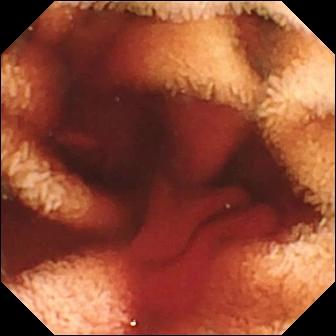VCE view showing fresh blood in the lumen.